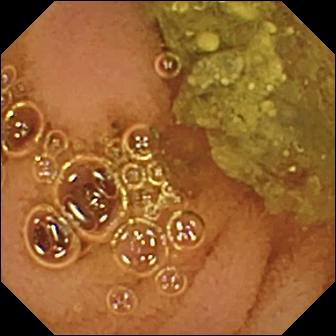modality: WCE | category: luminal finding | impression: normal clean mucosa